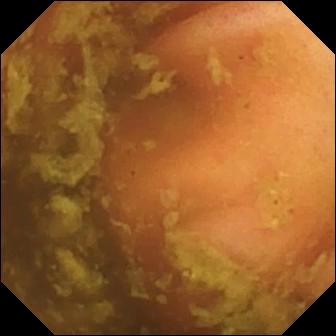Small-bowel capsule endoscopy snapshot
Position: ileo-cecal valve region (where the capsule passes from the small bowel into the large bowel)